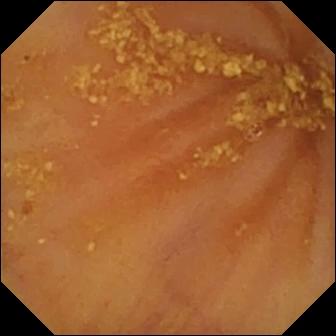modality: capsule endoscopy; location: ileo-cecal valve region (where the capsule passes from the small bowel into the large bowel)